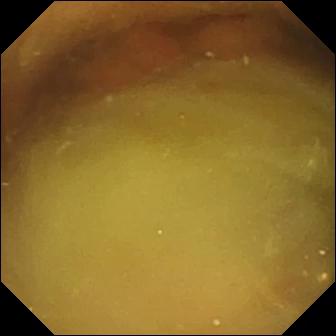Small-bowel capsule endoscopy image (small bowel). Normal clean mucosa.